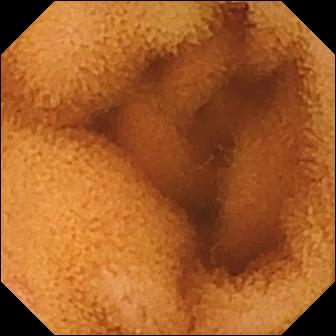Q: What does this video capsule endoscopy snapshot of the small bowel show?
A: Normal clean mucosa.